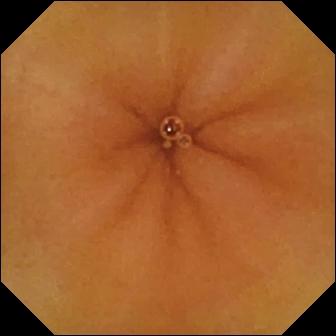PROCEDURE: Small-bowel capsule endoscopy.
SEGMENT: Small intestine.
FINDINGS: Normal clean mucosa.